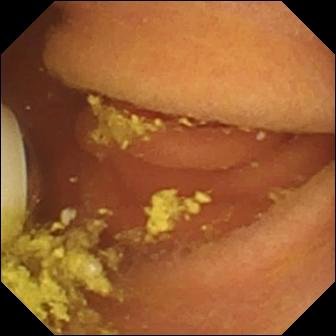Small-bowel capsule endoscopy frame. Foreign body (e.g. retained capsule, tablet residue).